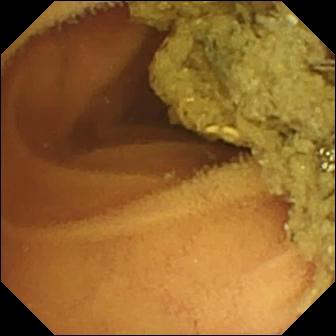Normal clean mucosa.